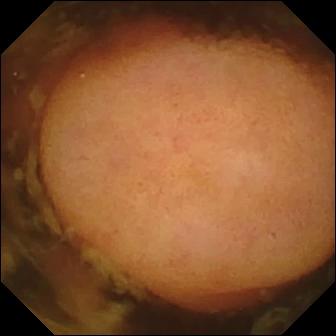PROCEDURE: Wireless capsule endoscopy.
FINDINGS: Polyp.